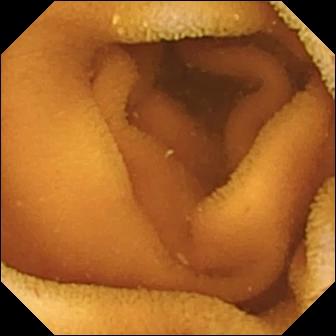PROCEDURE: WCE.
FINDINGS: Normal clean mucosa.